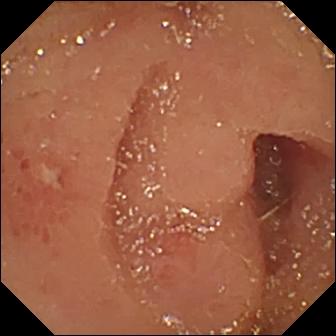Q: What does this small-bowel capsule endoscopy snapshot show?
A: Erosion.